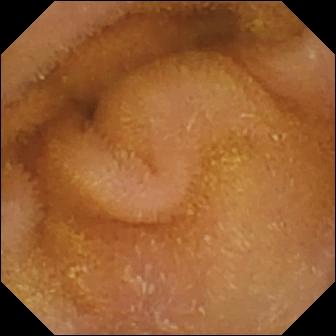WCE. Luminal finding. Impression: normal clean mucosa.